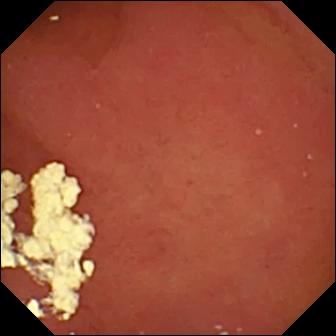{"modality": "VCE", "video_segment": "pylorus region (where the capsule passes from the stomach into the small bowel)"}